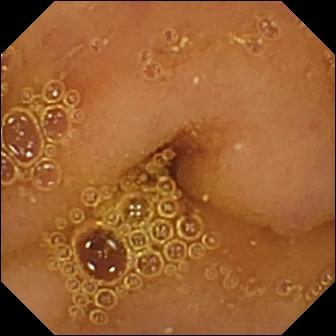Wireless capsule endoscopy. Luminal finding. Label: normal clean mucosa.